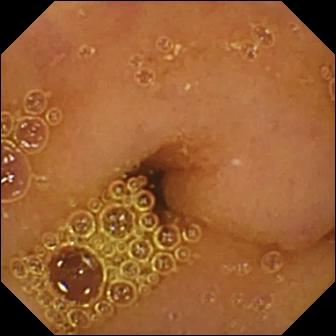- modality: small-bowel capsule endoscopy
- segment: small bowel
- observation: normal clean mucosa